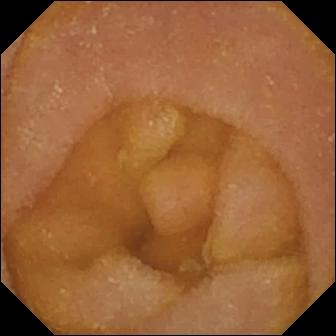Capsule endoscopy — normal clean mucosa.